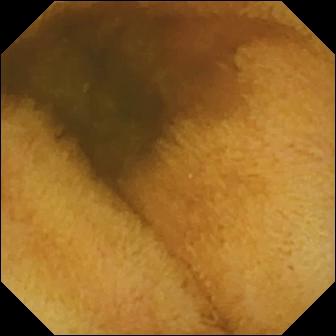Small-bowel capsule endoscopy. Observation: normal clean mucosa.